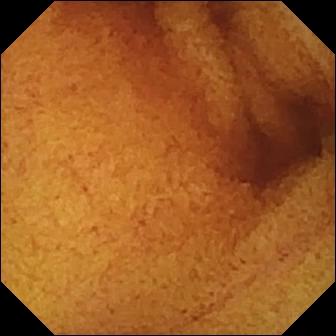- modality: capsule endoscopy
- category: luminal finding
- observation: normal clean mucosa